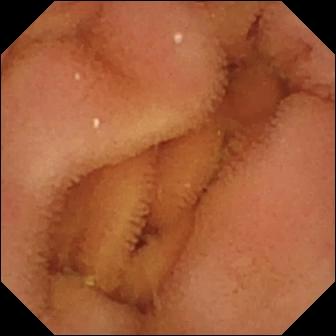{"modality": "WCE", "category": "luminal finding", "finding": "normal clean mucosa"}